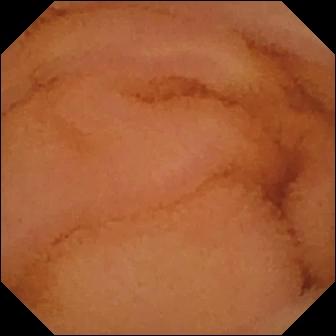Small-bowel capsule endoscopy frame. Normal clean mucosa.